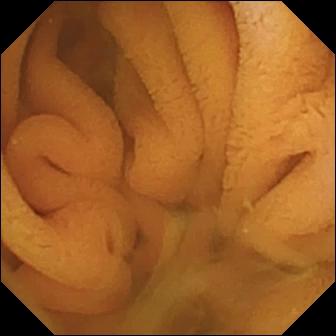- modality: wireless capsule endoscopy
- segment: small bowel
- category: luminal finding
- label: normal clean mucosa